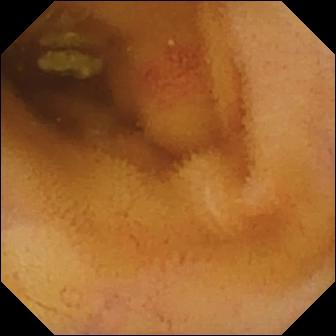Q: What does this small-bowel capsule endoscopy still show?
A: Angiectasia.